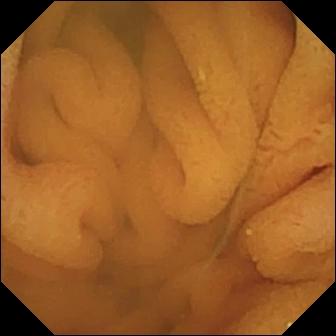Wireless capsule endoscopy snapshot. Normal clean mucosa.